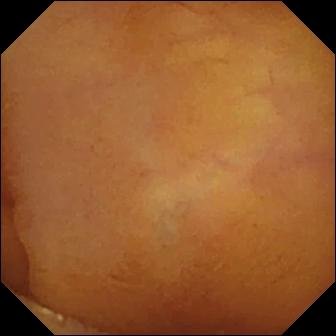WCE frame, small bowel
Impression: normal clean mucosa